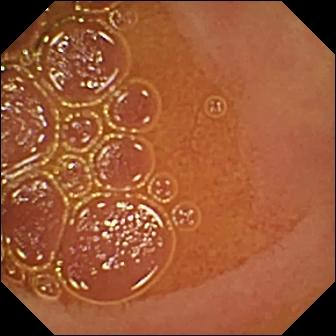modality: WCE
segment: small bowel
finding: normal clean mucosa